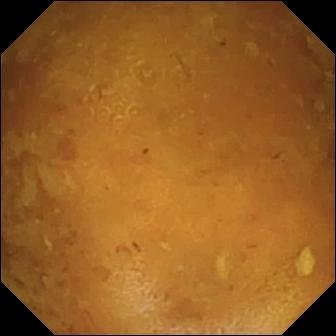VCE still showing reduced mucosal view (content or bubbles obscuring the mucosa).